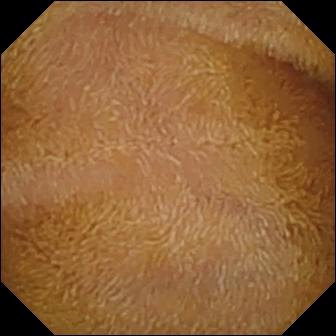Normal clean mucosa.